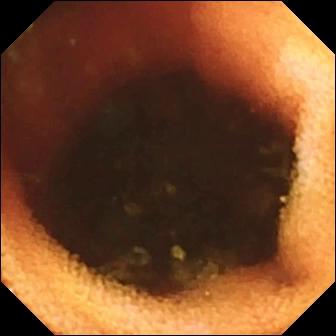Q: Where in the digestive tract was this small-bowel capsule endoscopy view taken?
A: Ileo-cecal valve region (the transition from the small bowel to the large bowel).